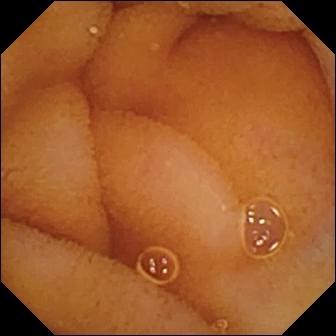VCE — normal clean mucosa.